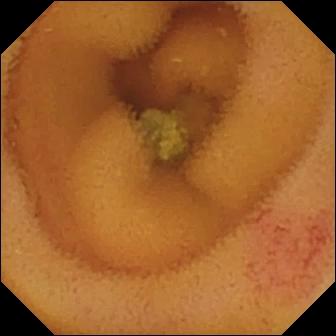- modality: video capsule endoscopy
- label: angiectasia